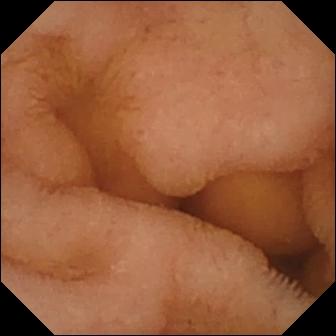Normal clean mucosa.